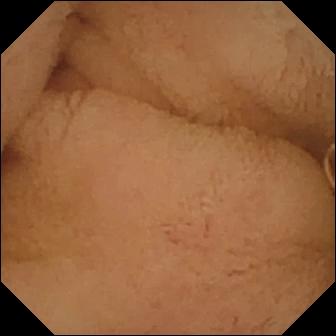VCE still. Taken in the pylorus region.